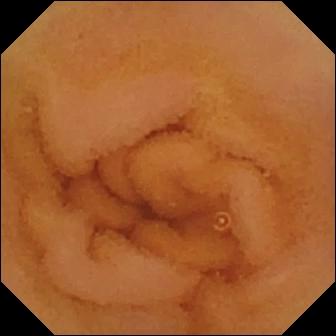Capsule endoscopy view (small intestine), 336×336. Normal clean mucosa.